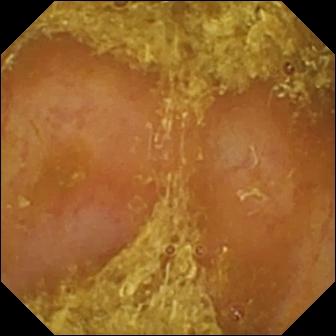Wireless capsule endoscopy frame
Label: reduced mucosal view (content or bubbles obscuring the mucosa)